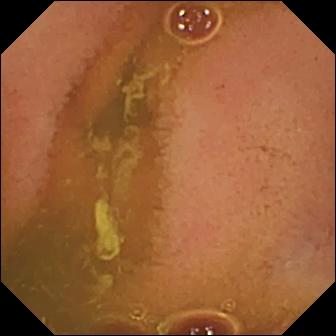PROCEDURE: Video capsule endoscopy.
FINDINGS: Normal clean mucosa.